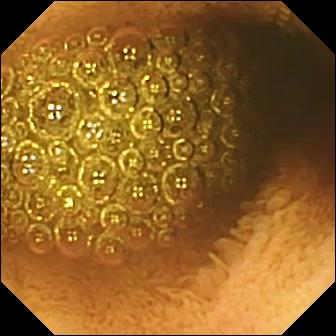WCE image, 336×336. Reduced mucosal view (content or bubbles obscuring the mucosa).